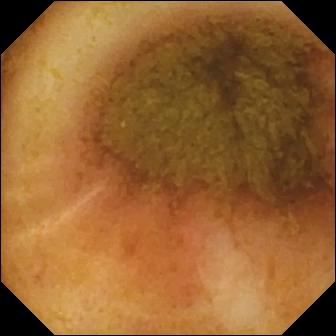Video capsule endoscopy. Near an anatomical landmark. Label: ileo-cecal valve region (where the capsule passes from the small bowel into the large bowel).